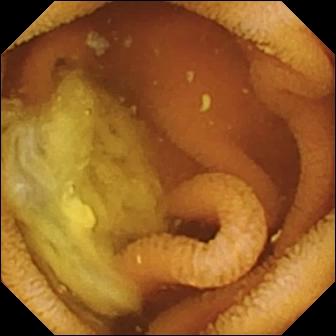Normal clean mucosa — wireless capsule endoscopy view.